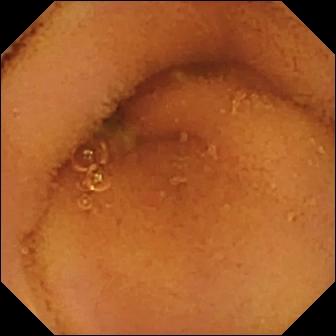- modality: VCE
- segment: small bowel
- label: normal clean mucosa